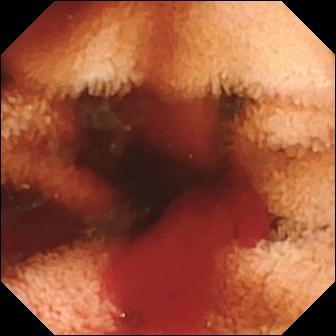This video capsule endoscopy still shows fresh blood in the lumen.